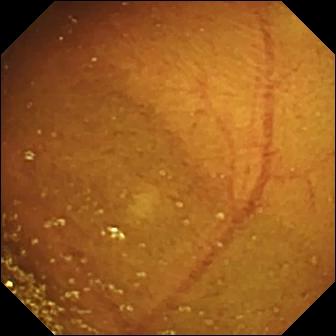WCE snapshot
Label: ileo-cecal valve region (where the capsule passes from the small bowel into the large bowel)